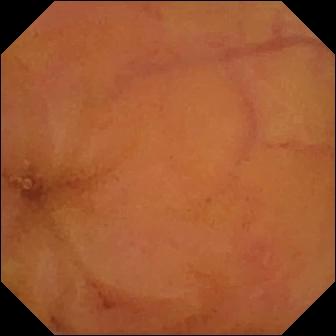Normal clean mucosa — WCE image of the small intestine.